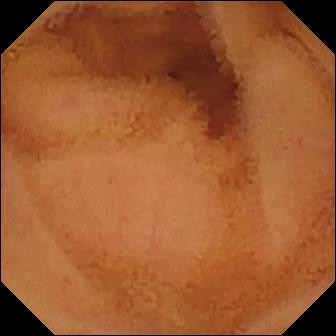Capsule endoscopy — normal clean mucosa.